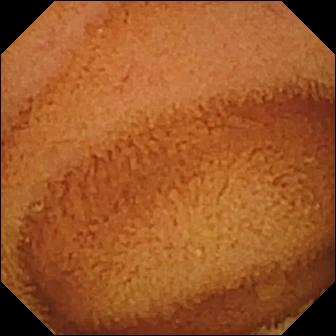Small-bowel capsule endoscopy — normal clean mucosa.